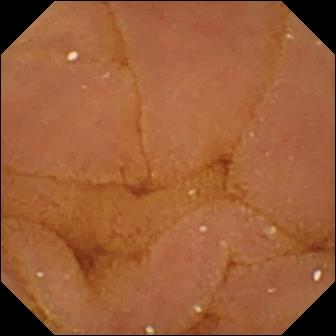Normal clean mucosa — small-bowel capsule endoscopy frame.